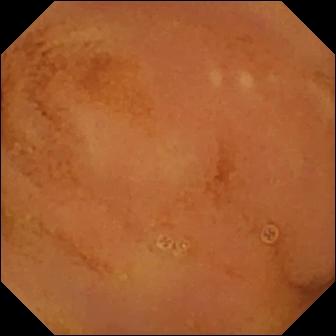Normal clean mucosa — small-bowel capsule endoscopy snapshot.